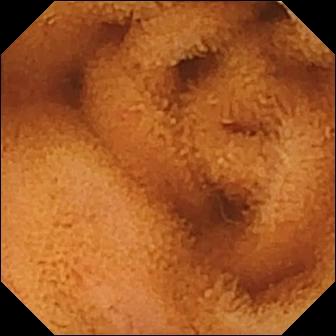- modality: VCE
- category: luminal finding
- observation: normal clean mucosa